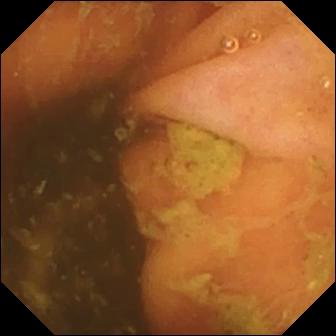modality: WCE; label: ileo-cecal valve region